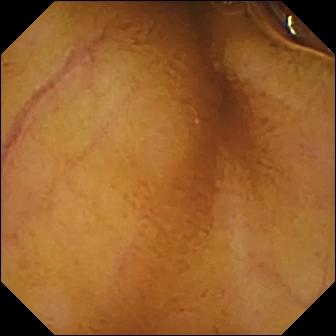Wireless capsule endoscopy frame
Observation: normal clean mucosa